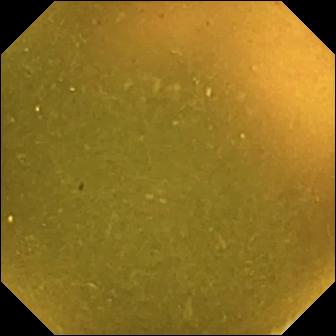Video capsule endoscopy — ileo-cecal valve region.